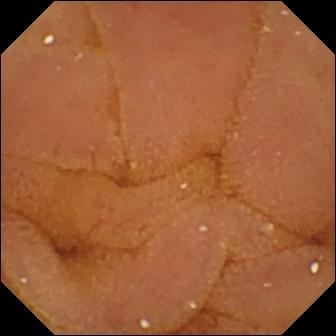WCE frame (small bowel), 336×336. Normal clean mucosa.